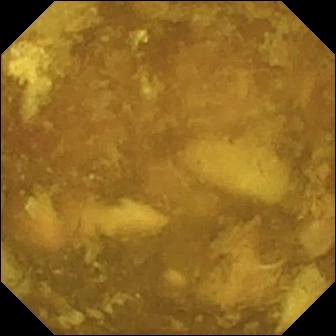{"modality": "video capsule endoscopy", "category": "luminal finding", "finding": "reduced mucosal view (content or bubbles obscuring the mucosa)"}